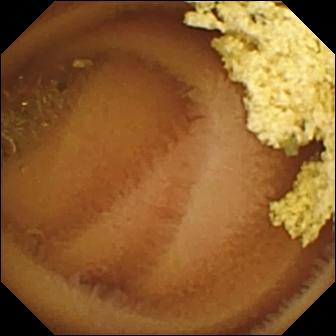{"modality": "small-bowel capsule endoscopy", "segment": "small intestine", "finding": "normal clean mucosa"}